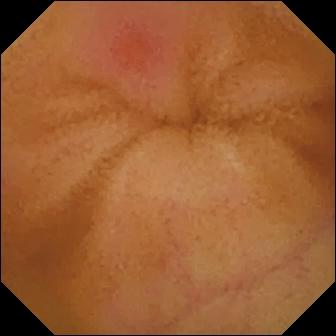Capsule endoscopy image. Erythema (mucosal redness).